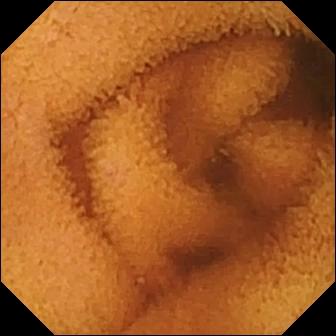{"modality": "WCE", "segment": "small intestine", "finding": "normal clean mucosa"}